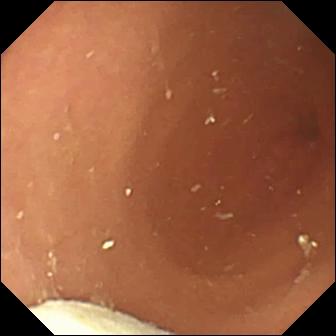Video capsule endoscopy view
Observation: foreign body (e.g. retained capsule, tablet residue)